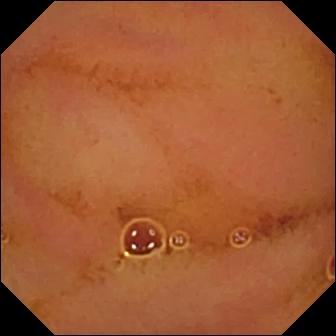Normal clean mucosa (336×336).